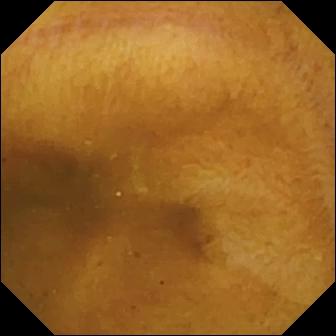{"modality": "video capsule endoscopy", "category": "luminal finding", "finding": "normal clean mucosa"}